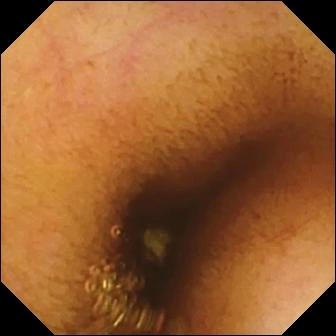Wireless capsule endoscopy. Luminal finding. Label: normal clean mucosa.